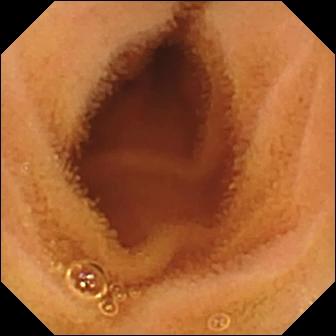Q: What does this video capsule endoscopy snapshot of the small intestine show?
A: Normal clean mucosa.